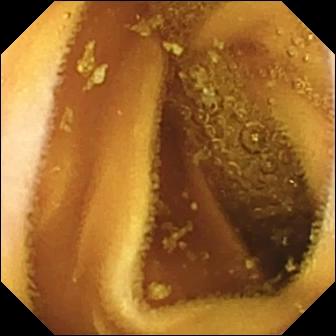PROCEDURE: VCE.
SEGMENT: Small bowel.
FINDINGS: Normal clean mucosa.